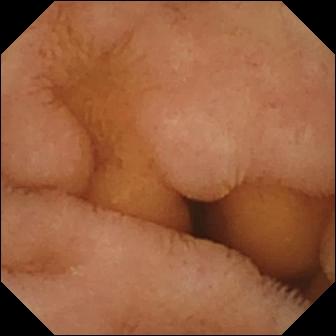Small-bowel capsule endoscopy image. Normal clean mucosa.